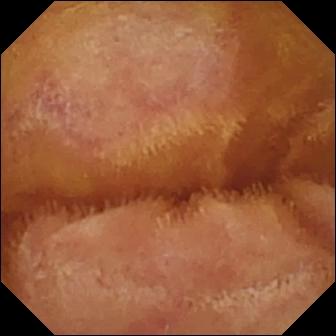- modality: WCE
- impression: normal clean mucosa